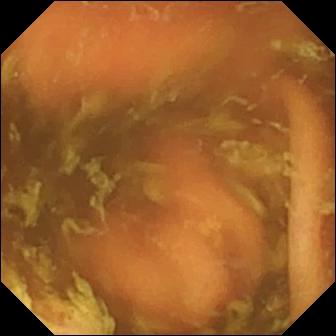This VCE snapshot was taken in the ileo-cecal valve region.